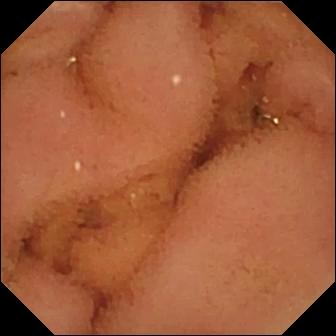PROCEDURE: WCE.
SEGMENT: Small bowel.
FINDINGS: Normal clean mucosa.